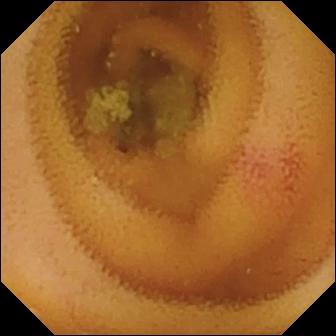modality: wireless capsule endoscopy; impression: angiectasia